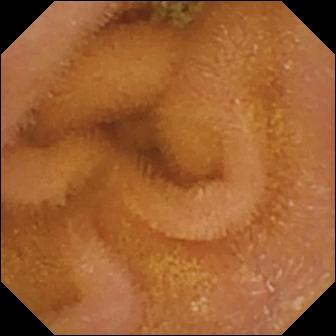Capsule endoscopy. Observation: normal clean mucosa.